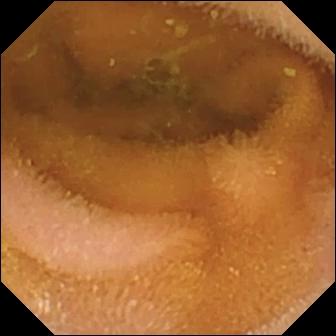Normal clean mucosa — WCE image of the small intestine.